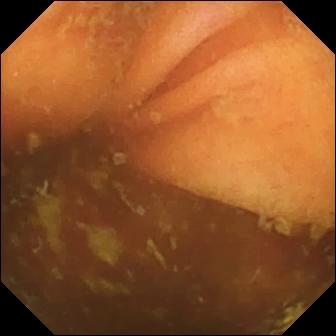PROCEDURE: VCE.
POSITION: Ileo-cecal valve region (where the capsule passes from the small bowel into the large bowel).